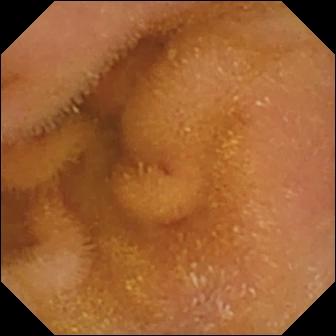Capsule endoscopy — normal clean mucosa.